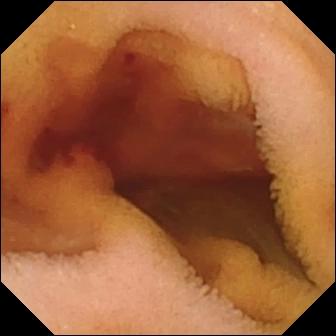- modality: wireless capsule endoscopy
- observation: fresh blood in the lumen